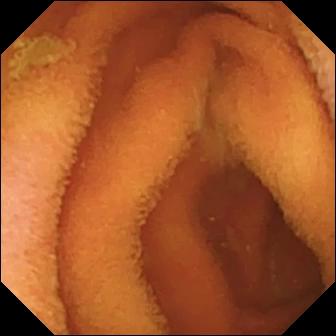Small-bowel capsule endoscopy snapshot
Observation: normal clean mucosa